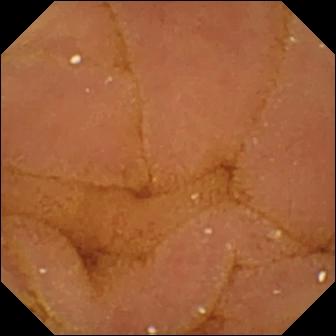modality: WCE | observation: normal clean mucosa